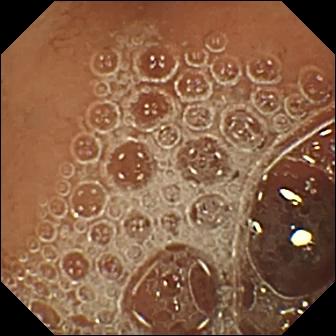modality: VCE
impression: normal clean mucosa